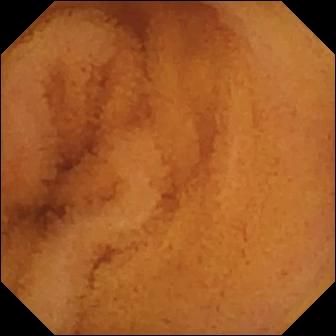Wireless capsule endoscopy snapshot. Normal clean mucosa.